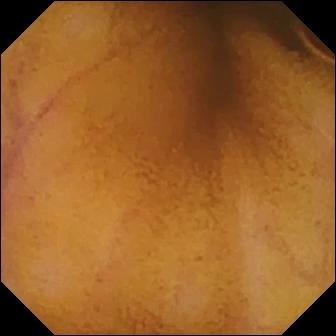Small-bowel capsule endoscopy view. Normal clean mucosa.